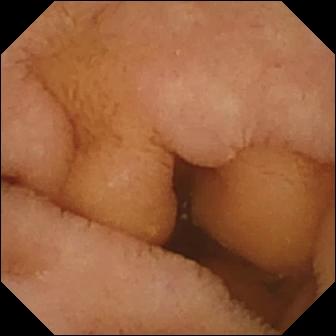modality: small-bowel capsule endoscopy; segment: small intestine; label: normal clean mucosa